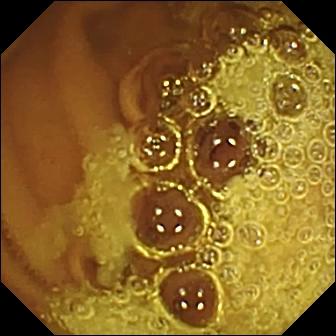modality: video capsule endoscopy | label: normal clean mucosa